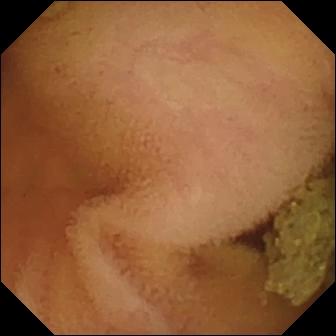PROCEDURE: Small-bowel capsule endoscopy.
SEGMENT: Small bowel.
FINDINGS: Normal clean mucosa.